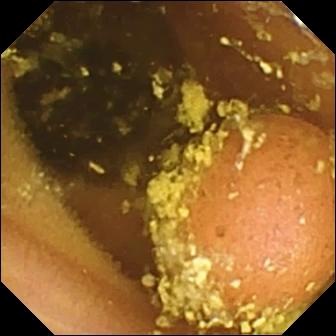- modality: VCE
- category: luminal finding
- observation: foreign body (e.g. retained capsule, tablet residue)